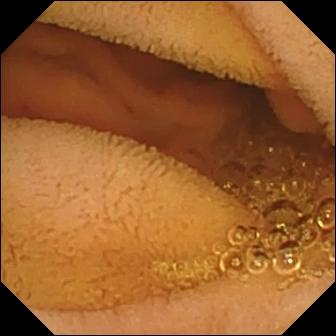WCE frame (small intestine). Normal clean mucosa.